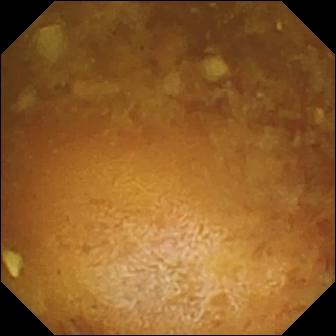Q: What does this small-bowel capsule endoscopy image show?
A: Reduced mucosal view (content or bubbles obscuring the mucosa).